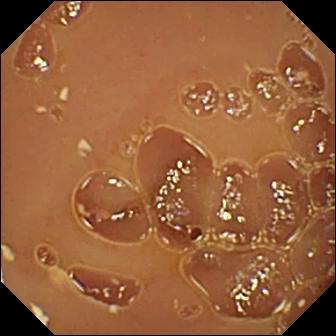This small-bowel capsule endoscopy frame of the small bowel shows normal clean mucosa.